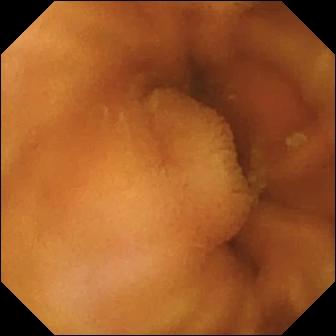Normal clean mucosa — WCE image.